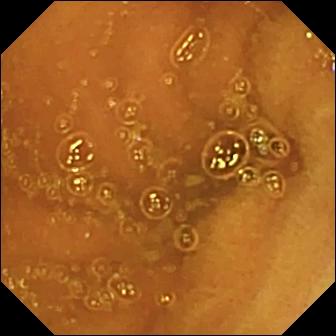Wireless capsule endoscopy. Small intestine. Finding: normal clean mucosa.